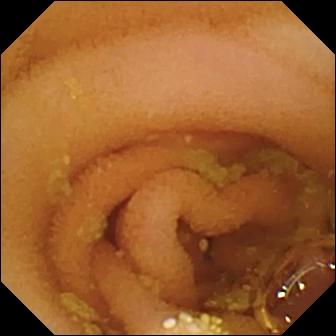Capsule endoscopy — lymphangiectasia.